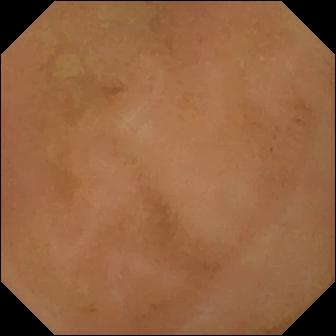modality: small-bowel capsule endoscopy; category: luminal finding; label: normal clean mucosa